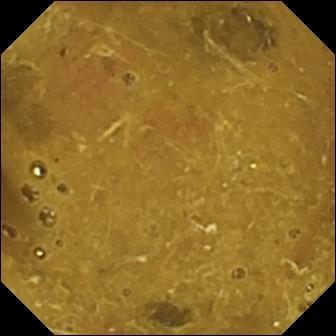VCE. Label: ileo-cecal valve region (the transition from the small bowel to the large bowel).